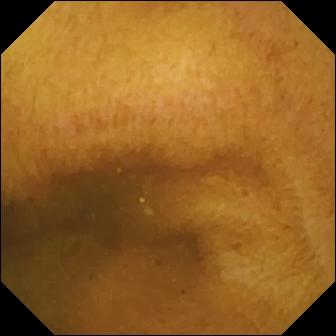{"modality": "capsule endoscopy", "segment": "small bowel", "finding": "normal clean mucosa"}